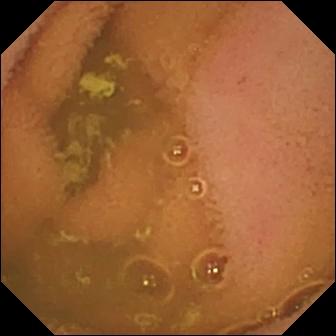- modality: video capsule endoscopy
- category: luminal finding
- label: normal clean mucosa